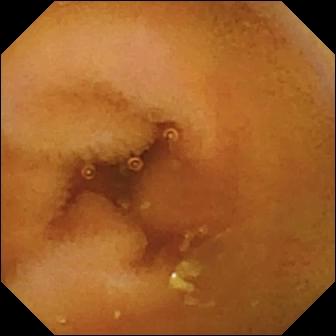modality: WCE
segment: small bowel
observation: normal clean mucosa